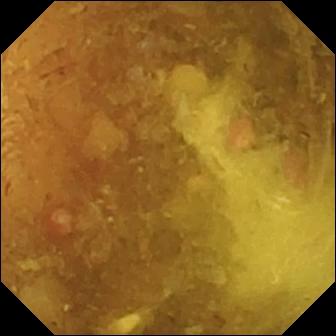modality: VCE | segment: small intestine | impression: reduced mucosal view (content or bubbles obscuring the mucosa)